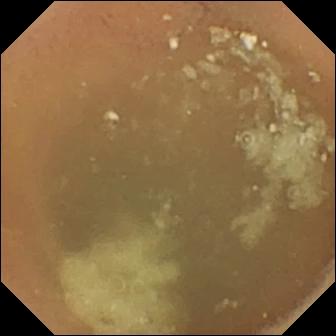This WCE snapshot shows normal clean mucosa.